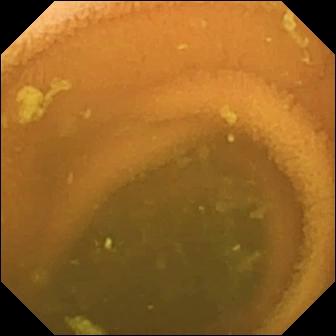Normal clean mucosa.